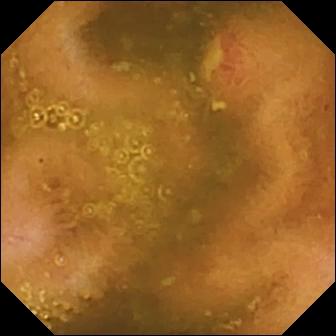{"modality": "small-bowel capsule endoscopy", "finding": "ulcer"}